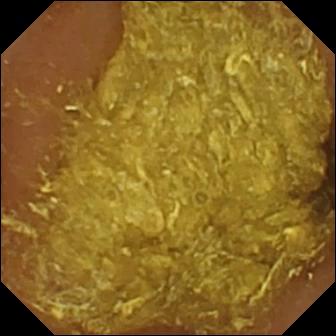modality: video capsule endoscopy; label: reduced mucosal view (content or bubbles obscuring the mucosa)